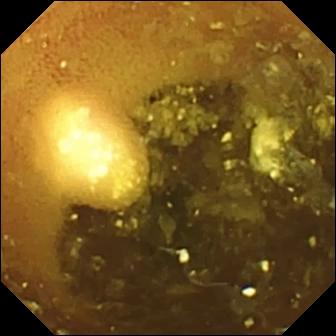- modality: WCE
- label: lymphangiectasia